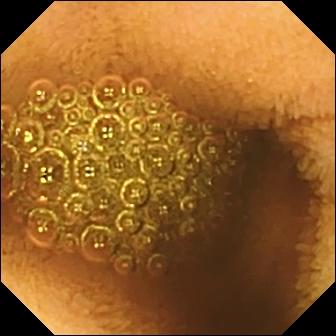Reduced mucosal view (content or bubbles obscuring the mucosa) — video capsule endoscopy snapshot.